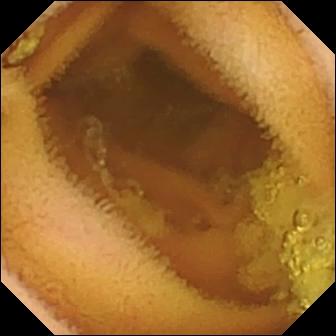PROCEDURE: VCE.
FINDINGS: Normal clean mucosa.